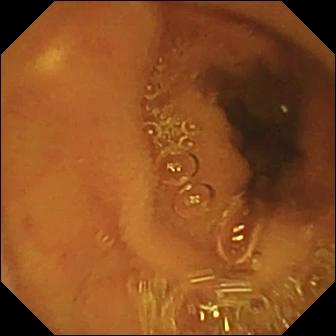This small-bowel capsule endoscopy snapshot of the small intestine shows normal clean mucosa.